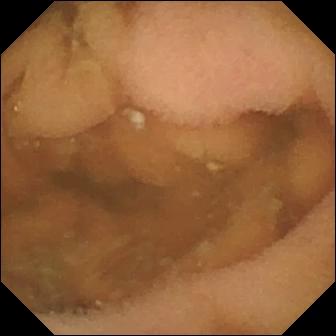{"modality": "VCE", "finding": "normal clean mucosa"}